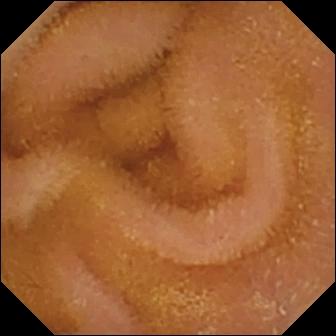Video capsule endoscopy frame. Normal clean mucosa.